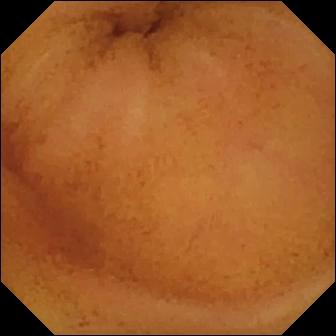- modality: wireless capsule endoscopy
- segment: small bowel
- category: luminal finding
- observation: normal clean mucosa